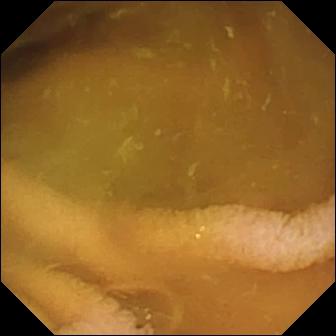PROCEDURE: Capsule endoscopy.
FINDINGS: Normal clean mucosa.